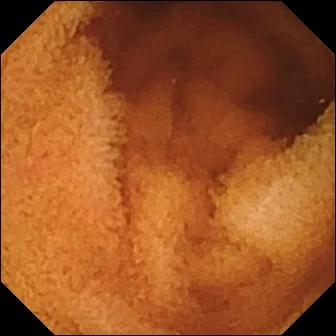This WCE snapshot shows normal clean mucosa.